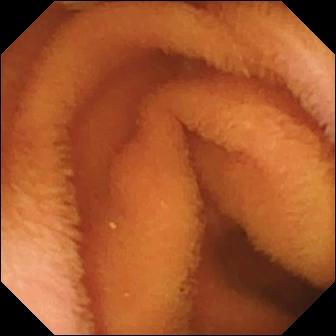PROCEDURE: VCE.
FINDINGS: Normal clean mucosa.